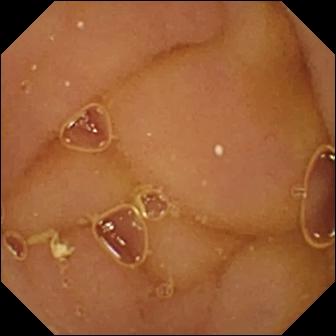Video capsule endoscopy. Small bowel. Label: normal clean mucosa.